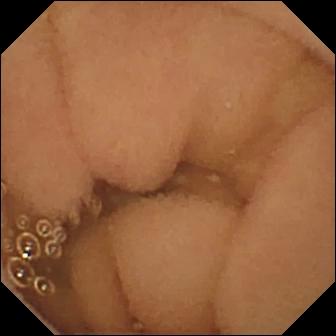- modality: wireless capsule endoscopy
- segment: small bowel
- category: luminal finding
- observation: normal clean mucosa